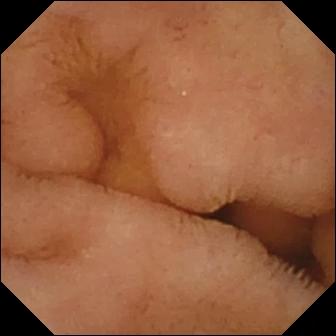Normal clean mucosa.